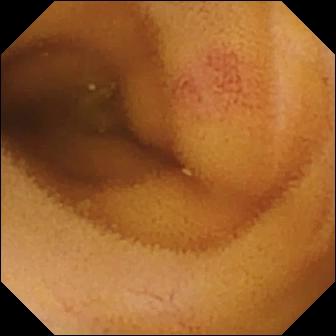PROCEDURE: Capsule endoscopy.
FINDINGS: Angiectasia.